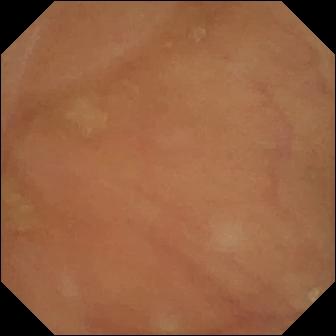Wireless capsule endoscopy still. Normal clean mucosa.